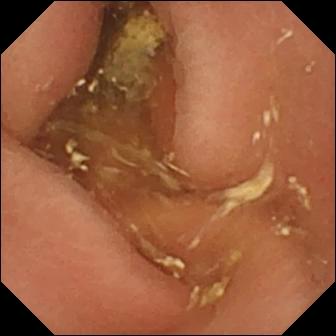WCE still
Video segment: pylorus region (where the capsule passes from the stomach into the small bowel)